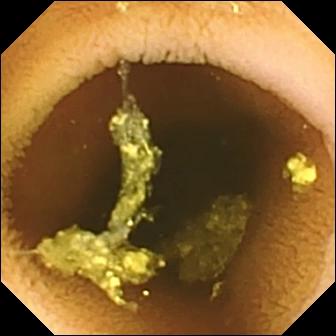Capsule endoscopy image of the small intestine showing normal clean mucosa.